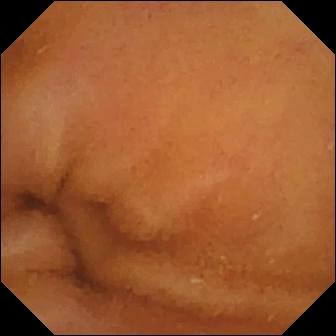- modality: video capsule endoscopy
- category: luminal finding
- impression: normal clean mucosa